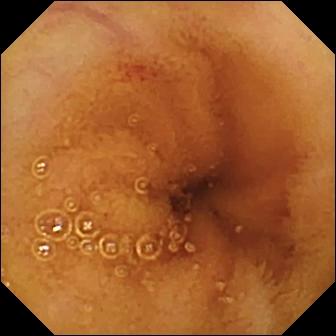Wireless capsule endoscopy snapshot showing angiectasia.